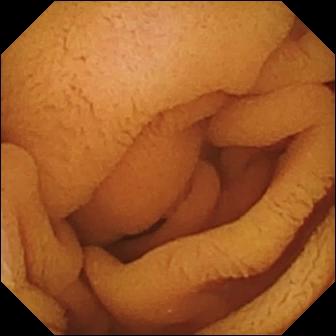PROCEDURE: Capsule endoscopy.
FINDINGS: Normal clean mucosa.